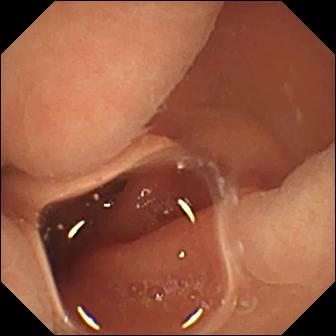Video capsule endoscopy. Finding: normal clean mucosa.